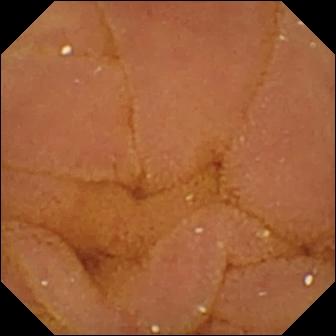Small-bowel capsule endoscopy image, small intestine
Finding: normal clean mucosa